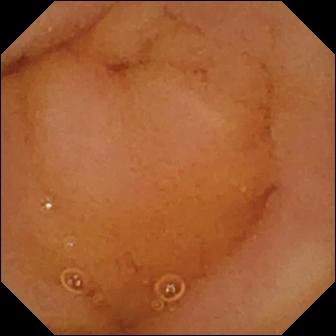PROCEDURE: Wireless capsule endoscopy.
FINDINGS: Normal clean mucosa.